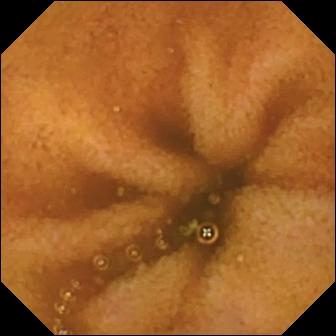Wireless capsule endoscopy view, small bowel
Label: normal clean mucosa